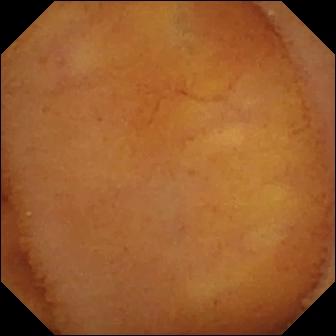PROCEDURE: Video capsule endoscopy.
FINDINGS: Normal clean mucosa.